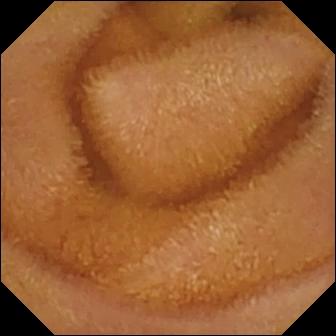{"modality": "VCE", "finding": "normal clean mucosa"}